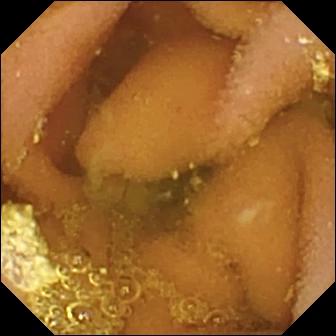Wireless capsule endoscopy frame showing lymphangiectasia.